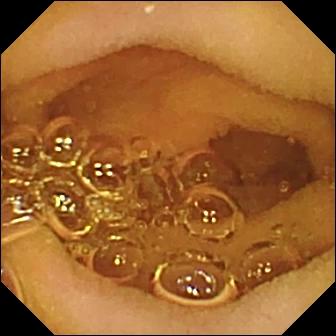Capsule endoscopy image of the small bowel showing normal clean mucosa.